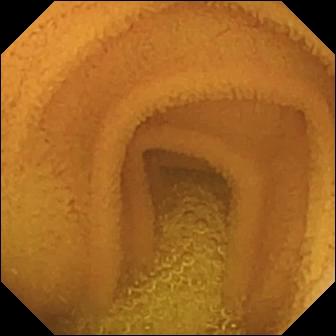VCE — normal clean mucosa.